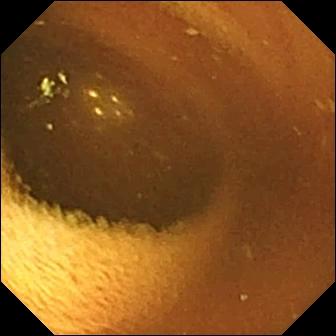Wireless capsule endoscopy still. Normal clean mucosa.